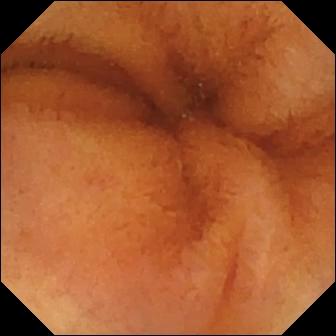PROCEDURE: Capsule endoscopy.
FINDINGS: Normal clean mucosa.